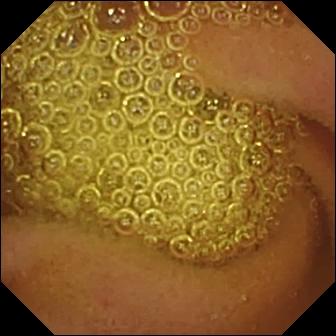Normal clean mucosa — small-bowel capsule endoscopy image.